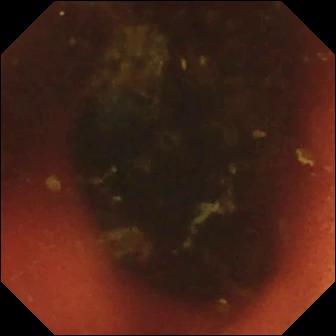{"modality": "wireless capsule endoscopy", "category": "anatomical landmark", "position": "ileo-cecal valve region (the transition from the small bowel to the large bowel)"}